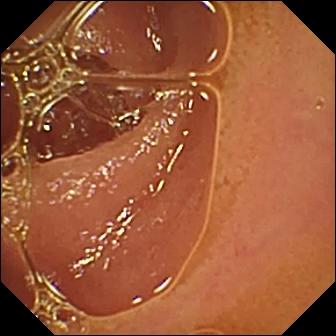- modality: WCE
- segment: small intestine
- impression: normal clean mucosa